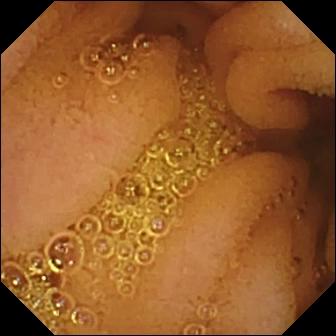Video capsule endoscopy — normal clean mucosa.